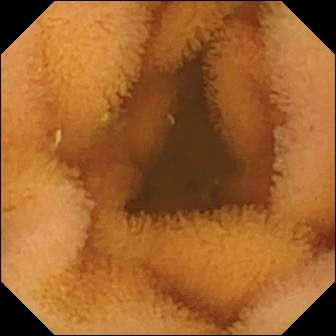Q: What does this wireless capsule endoscopy still show?
A: Normal clean mucosa.